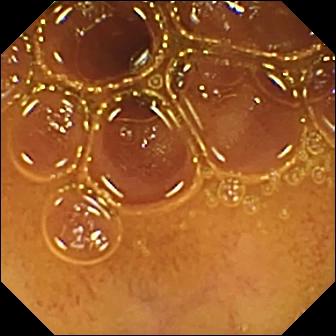Normal clean mucosa — VCE snapshot.